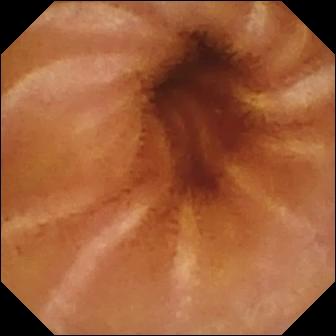Video capsule endoscopy snapshot (small bowel), 336×336. Normal clean mucosa.